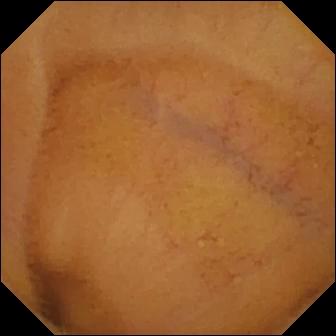modality: capsule endoscopy; segment: small bowel; label: normal clean mucosa